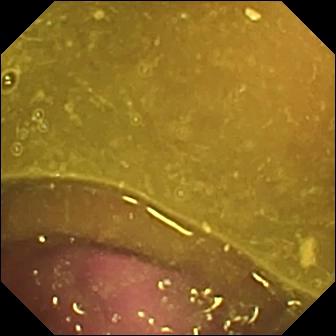Q: What does this WCE still of the small bowel show?
A: Reduced mucosal view (content or bubbles obscuring the mucosa).